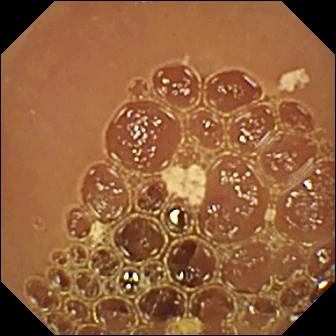Q: What does this WCE frame show?
A: Normal clean mucosa.